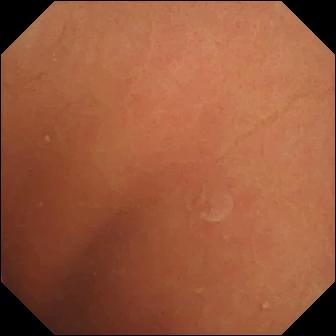Normal clean mucosa — capsule endoscopy snapshot.